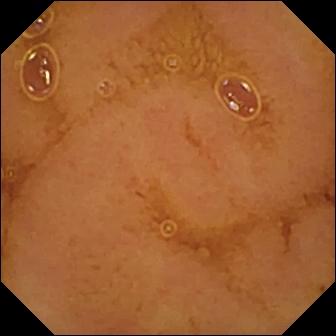Q: What does this wireless capsule endoscopy snapshot show?
A: Normal clean mucosa.